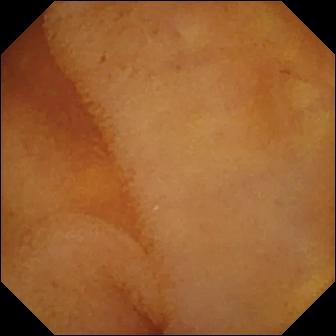This VCE image of the small intestine shows normal clean mucosa.